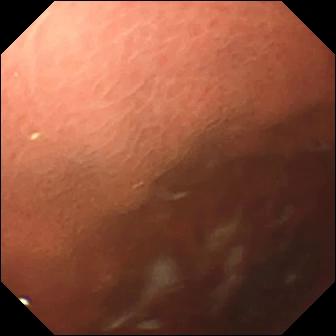Video capsule endoscopy frame
Position: pylorus region